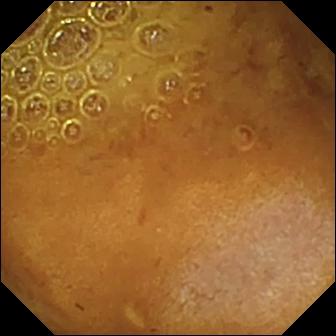Q: What does this capsule endoscopy view of the small bowel show?
A: Reduced mucosal view (content or bubbles obscuring the mucosa).